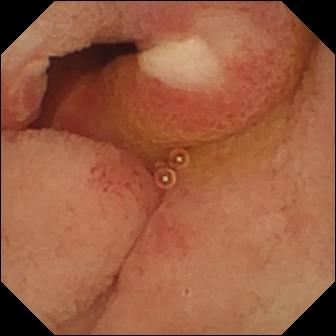Ulcer.